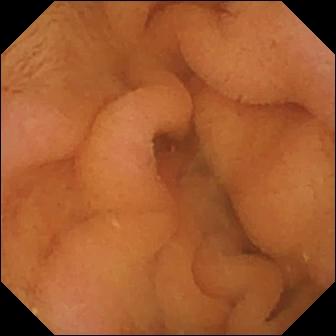PROCEDURE: Wireless capsule endoscopy.
SEGMENT: Small bowel.
FINDINGS: Normal clean mucosa.